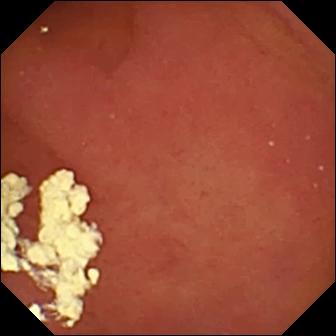PROCEDURE: Small-bowel capsule endoscopy.
VIDEO SEGMENT: Pylorus region (the junction between the stomach and the small bowel).